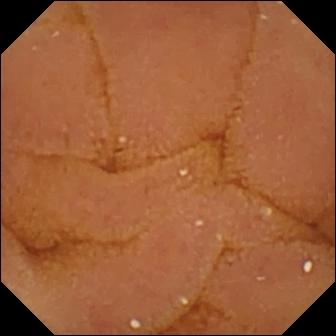{"modality": "wireless capsule endoscopy", "finding": "normal clean mucosa"}